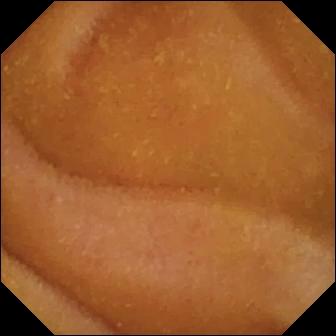Q: What does this wireless capsule endoscopy frame of the small intestine show?
A: Normal clean mucosa.